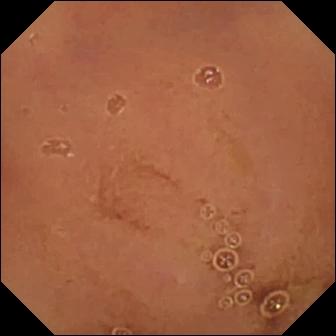Capsule endoscopy snapshot showing normal clean mucosa.